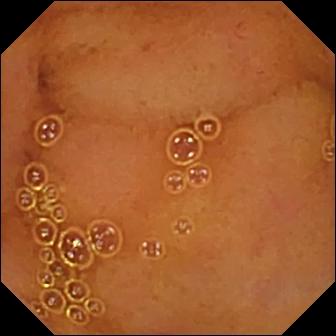- modality: VCE
- segment: small bowel
- label: normal clean mucosa